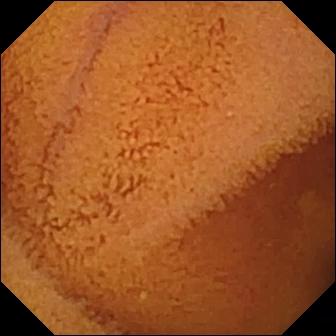VCE image showing normal clean mucosa.